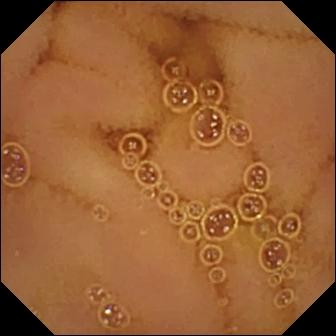Normal clean mucosa.